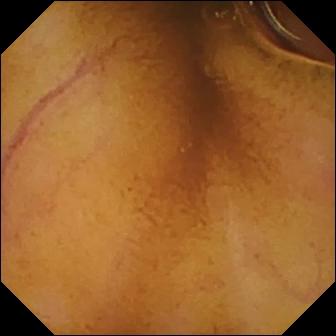{"modality": "VCE", "segment": "small bowel", "category": "luminal finding", "finding": "normal clean mucosa"}